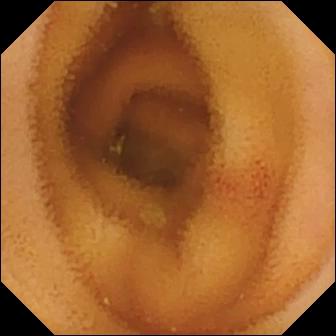This video capsule endoscopy view shows angiectasia.